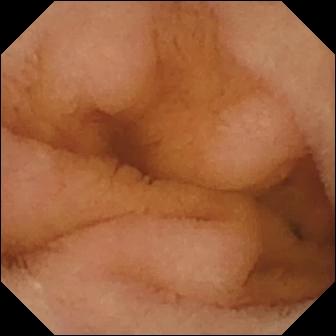Small-bowel capsule endoscopy — normal clean mucosa.